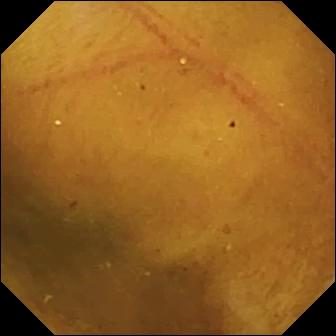Q: What does this video capsule endoscopy view show?
A: Normal clean mucosa.